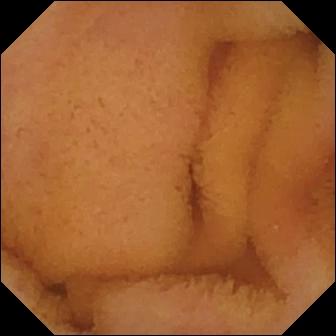{"modality": "capsule endoscopy", "segment": "small intestine", "finding": "normal clean mucosa"}